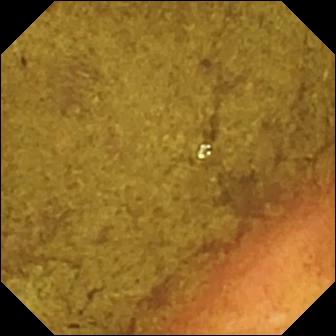Q: Where in the digestive tract was this wireless capsule endoscopy view taken?
A: Ileo-cecal valve region (where the capsule passes from the small bowel into the large bowel).